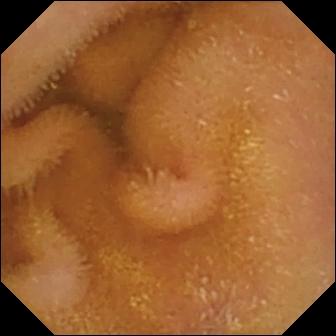WCE view showing normal clean mucosa.